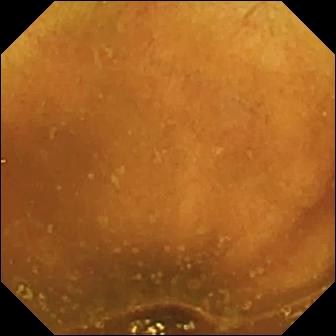modality: WCE; segment: small intestine; impression: normal clean mucosa